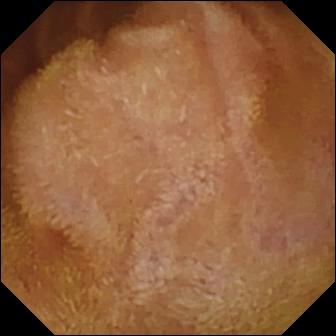This VCE frame shows normal clean mucosa.